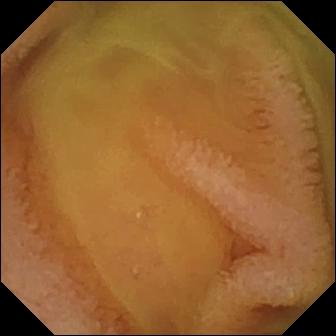Video capsule endoscopy frame of the small bowel showing normal clean mucosa.